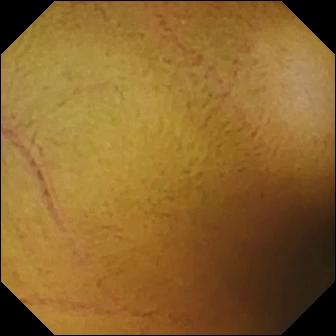Q: What does this video capsule endoscopy still of the small intestine show?
A: Normal clean mucosa.